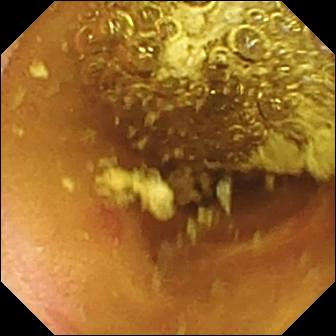Wireless capsule endoscopy — erosion.